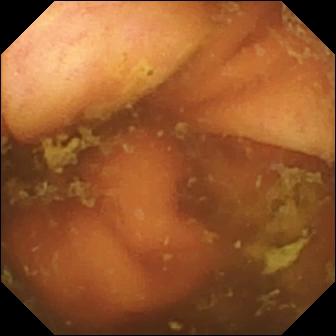VCE image
Label: ileo-cecal valve region (where the capsule passes from the small bowel into the large bowel)